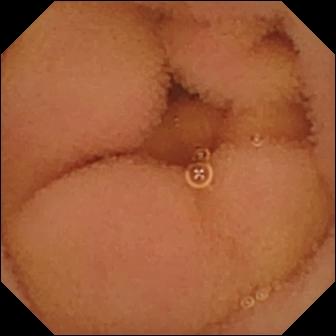Wireless capsule endoscopy — normal clean mucosa.